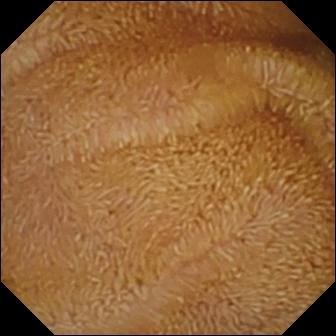Q: What does this small-bowel capsule endoscopy view show?
A: Normal clean mucosa.